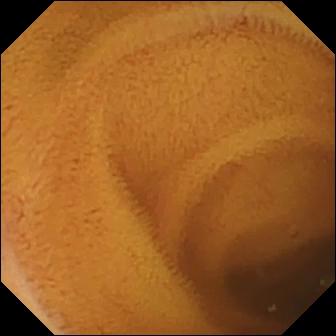modality: capsule endoscopy
segment: small intestine
label: normal clean mucosa